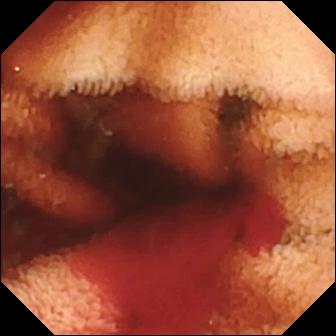Video capsule endoscopy snapshot
Observation: fresh blood in the lumen